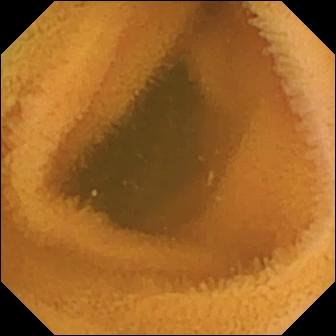modality: capsule endoscopy | segment: small bowel | observation: normal clean mucosa